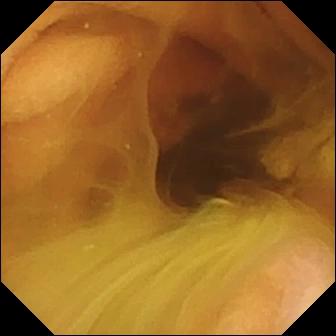Wireless capsule endoscopy view
Observation: normal clean mucosa